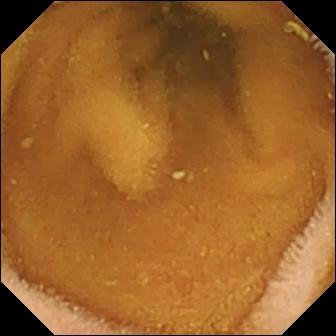VCE — normal clean mucosa.